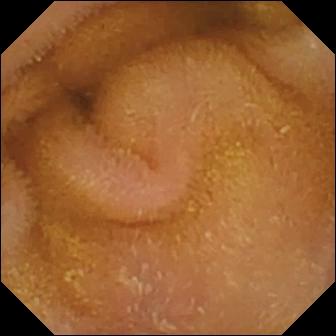Wireless capsule endoscopy image
Label: normal clean mucosa